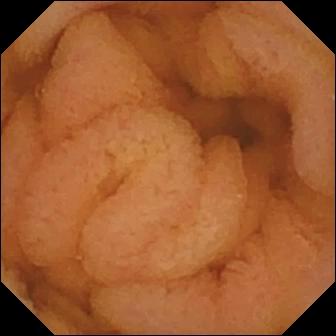modality: WCE; category: luminal finding; impression: normal clean mucosa